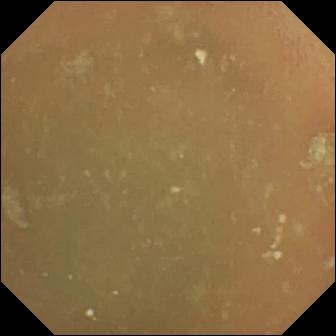{"modality": "VCE", "finding": "normal clean mucosa"}